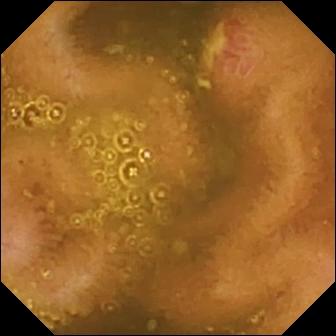Wireless capsule endoscopy. Impression: ulcer.